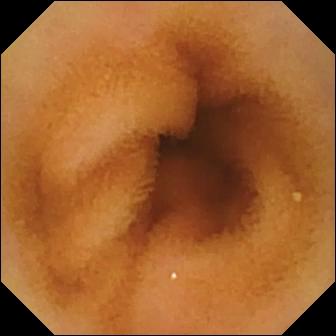Video capsule endoscopy. Observation: normal clean mucosa.